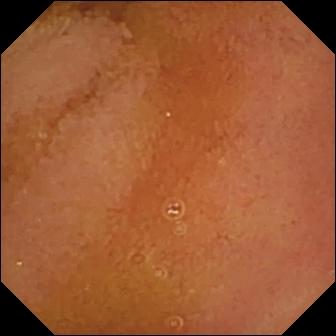modality: capsule endoscopy
observation: normal clean mucosa